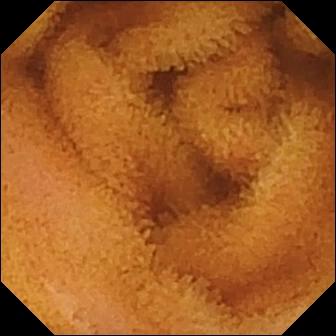Q: What does this small-bowel capsule endoscopy snapshot of the small bowel show?
A: Normal clean mucosa.